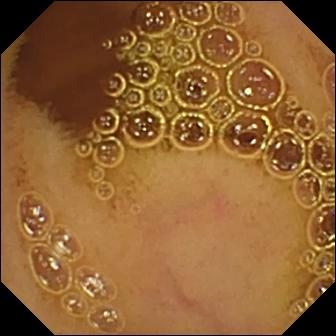WCE still, 336×336. Normal clean mucosa.